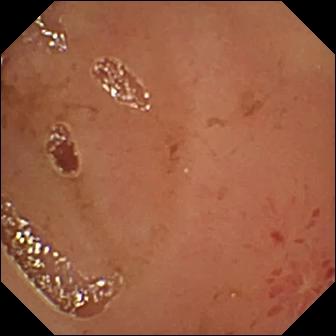VCE image
Observation: erosion